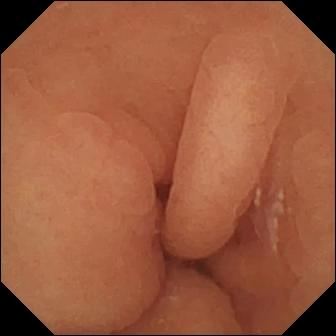Wireless capsule endoscopy. Finding: normal clean mucosa.